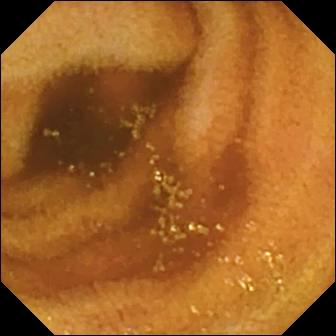PROCEDURE: WCE.
SEGMENT: Small intestine.
FINDINGS: Normal clean mucosa.